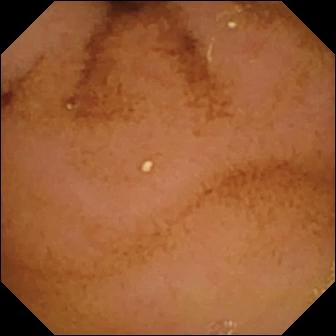- modality: wireless capsule endoscopy
- impression: normal clean mucosa